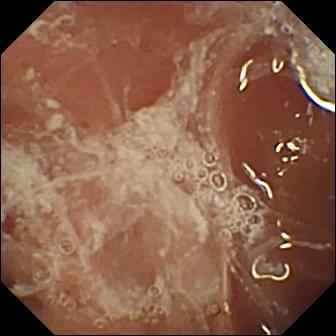Small-bowel capsule endoscopy. Near an anatomical landmark. Video segment: pylorus region.